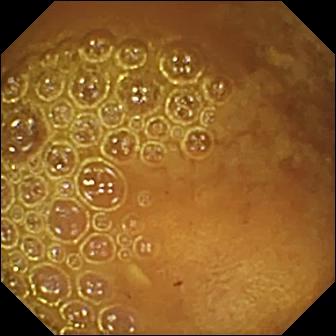This small-bowel capsule endoscopy image of the small intestine shows reduced mucosal view (content or bubbles obscuring the mucosa).